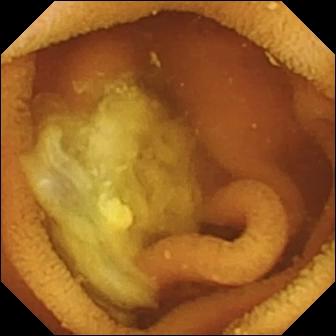WCE — normal clean mucosa.